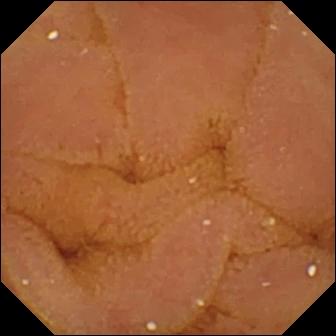modality: capsule endoscopy; label: normal clean mucosa